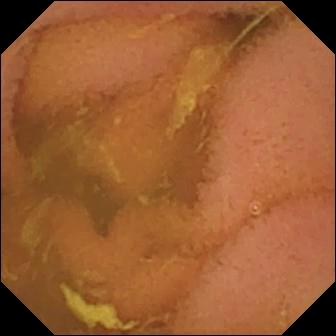Capsule endoscopy view of the small bowel showing normal clean mucosa.